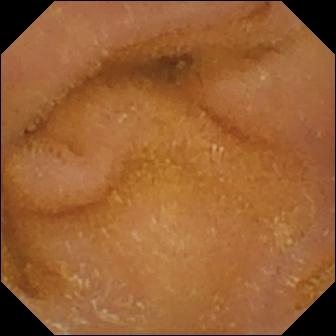PROCEDURE: Small-bowel capsule endoscopy.
SEGMENT: Small bowel.
FINDINGS: Normal clean mucosa.